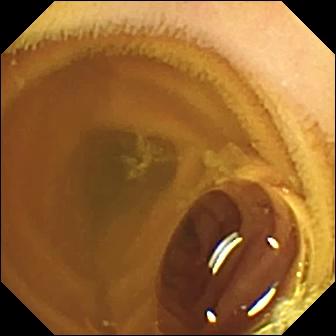{"modality": "video capsule endoscopy", "category": "luminal finding", "finding": "normal clean mucosa"}